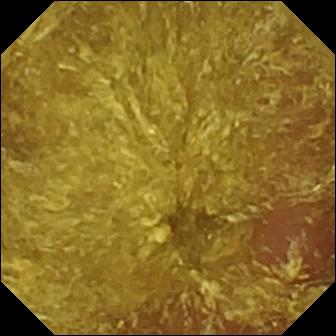WCE frame
Finding: reduced mucosal view (content or bubbles obscuring the mucosa)